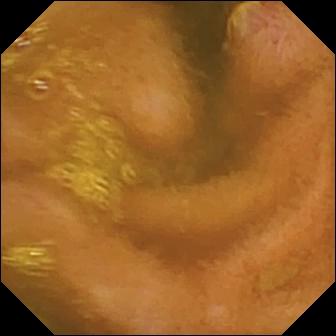Capsule endoscopy frame
Impression: ulcer